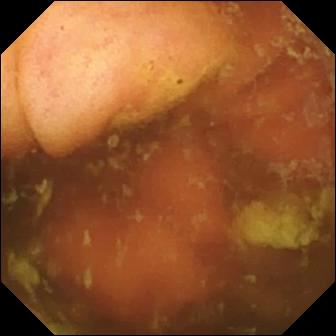VCE image
Video segment: ileo-cecal valve region (the transition from the small bowel to the large bowel)